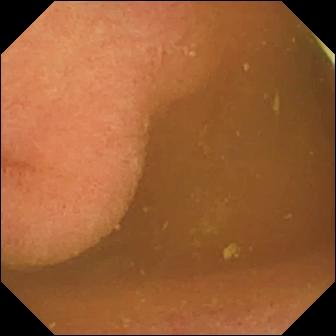Small-bowel capsule endoscopy snapshot
Finding: foreign body (e.g. retained capsule, tablet residue)